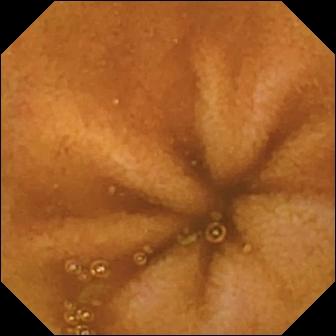modality: small-bowel capsule endoscopy | segment: small intestine | impression: normal clean mucosa